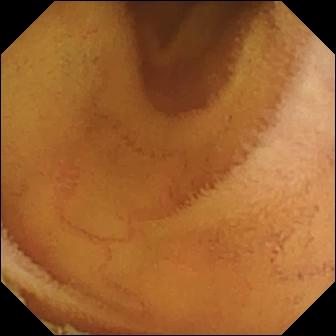Small-bowel capsule endoscopy frame (small intestine). Normal clean mucosa.